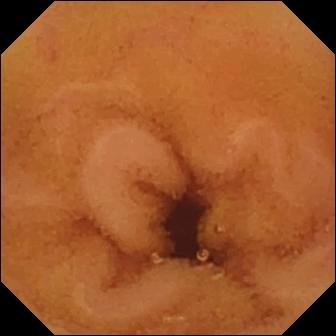Video capsule endoscopy view
Finding: normal clean mucosa